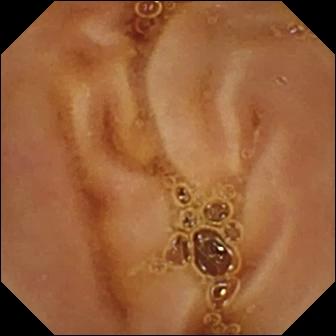Small-bowel capsule endoscopy frame, small intestine
Impression: normal clean mucosa